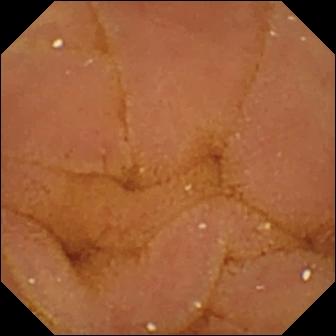Capsule endoscopy view showing normal clean mucosa.